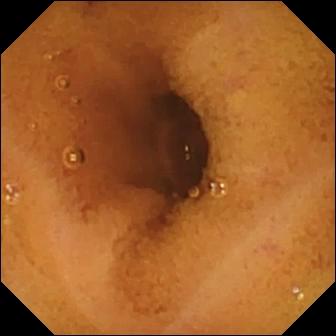Video capsule endoscopy — normal clean mucosa.